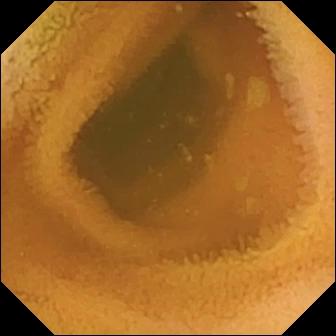Wireless capsule endoscopy — normal clean mucosa.